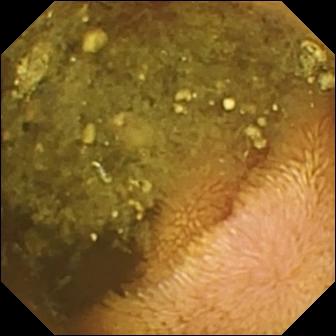WCE. Label: reduced mucosal view (content or bubbles obscuring the mucosa).